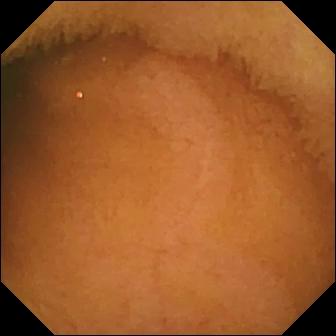Video capsule endoscopy view
Finding: normal clean mucosa